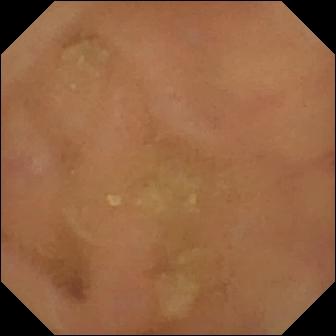This capsule endoscopy view shows normal clean mucosa.